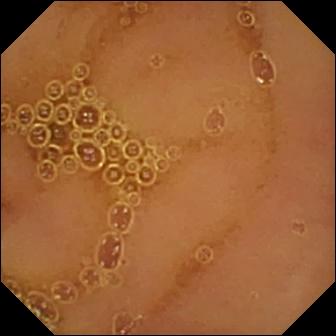Capsule endoscopy. Luminal finding. Observation: normal clean mucosa.